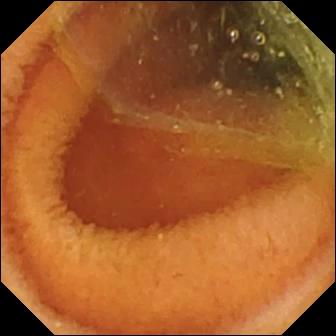VCE snapshot
Finding: normal clean mucosa